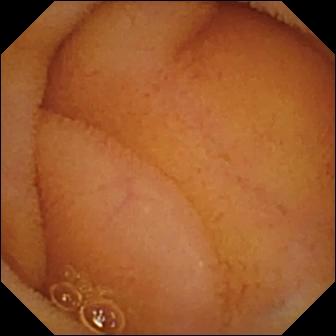Capsule endoscopy — normal clean mucosa.